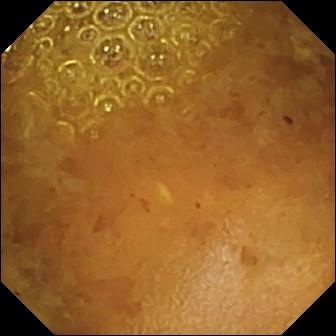This wireless capsule endoscopy image of the small bowel shows reduced mucosal view (content or bubbles obscuring the mucosa).